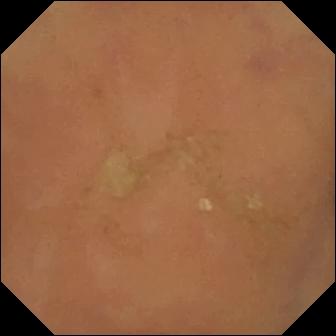Capsule endoscopy. Observation: normal clean mucosa.